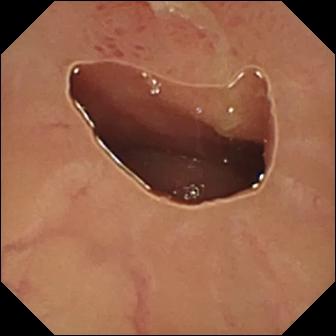Ulcer — WCE frame.